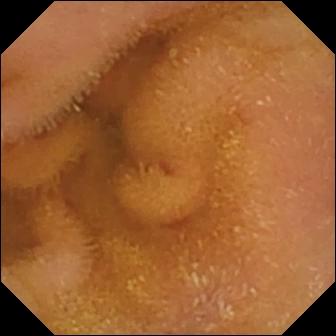Video capsule endoscopy snapshot of the small intestine showing normal clean mucosa.